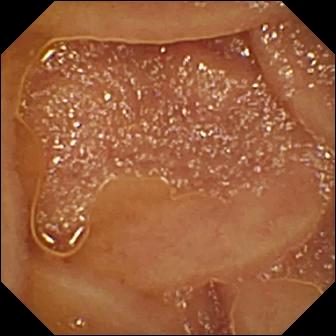Normal clean mucosa — wireless capsule endoscopy snapshot.